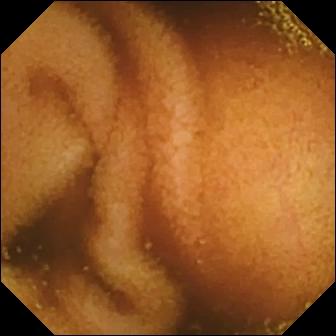This wireless capsule endoscopy view of the small bowel shows normal clean mucosa.